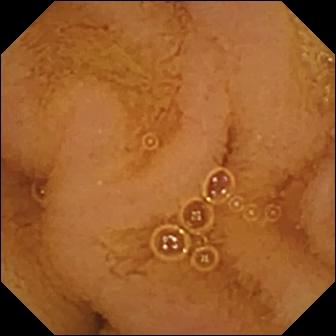Capsule endoscopy still
Observation: normal clean mucosa